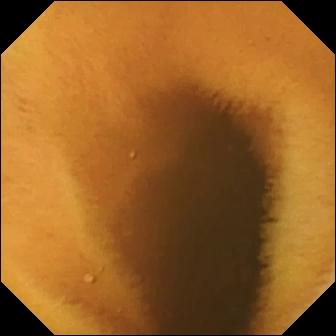{"modality": "small-bowel capsule endoscopy", "category": "luminal finding", "finding": "normal clean mucosa"}